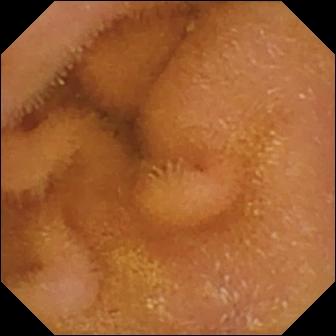Wireless capsule endoscopy frame showing normal clean mucosa.